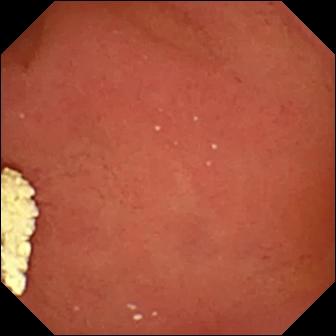This wireless capsule endoscopy still was taken in the pylorus region (the junction between the stomach and the small bowel).